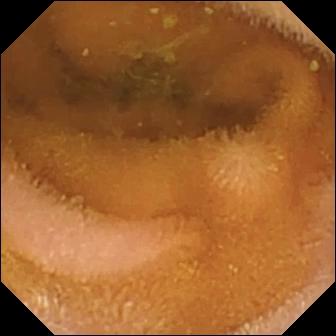Q: What does this wireless capsule endoscopy image of the small bowel show?
A: Normal clean mucosa.